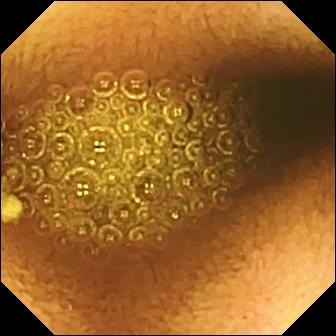WCE view (small bowel), 336×336. Reduced mucosal view (content or bubbles obscuring the mucosa).